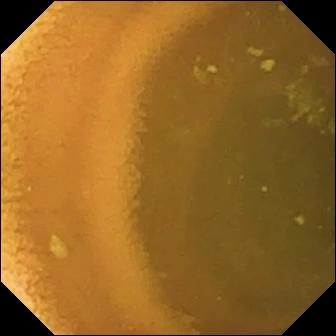Normal clean mucosa — small-bowel capsule endoscopy still.